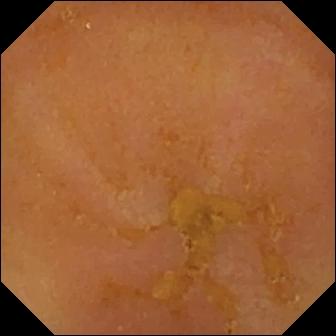Reduced mucosal view (content or bubbles obscuring the mucosa) — WCE snapshot.